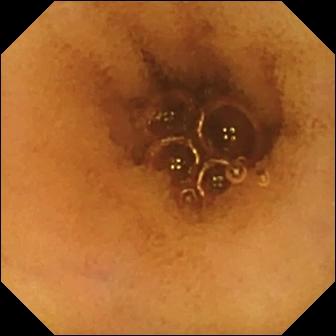Normal clean mucosa.